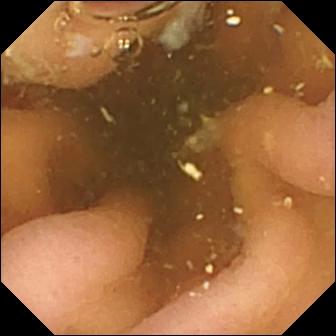- modality: small-bowel capsule endoscopy
- category: anatomical landmark
- position: pylorus region (the junction between the stomach and the small bowel)